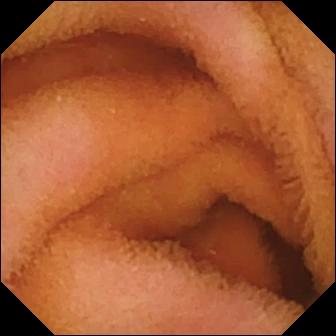WCE view
Impression: normal clean mucosa